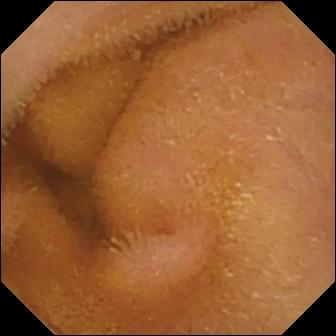VCE frame showing normal clean mucosa.